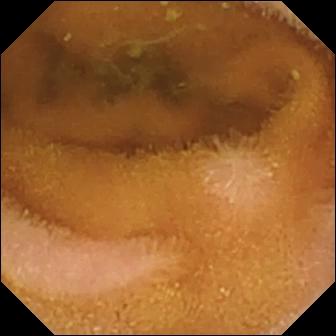- modality: VCE
- category: luminal finding
- label: normal clean mucosa